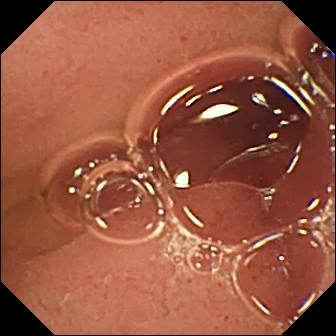Pylorus region.